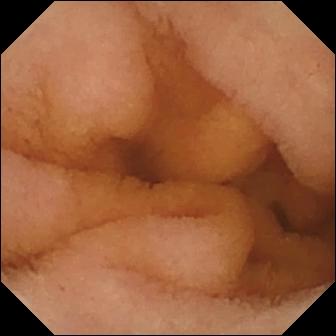WCE frame
Finding: normal clean mucosa